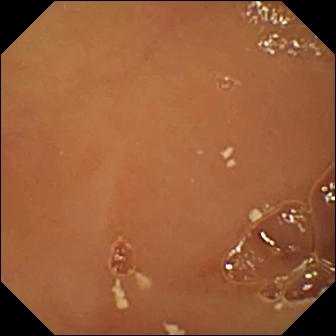{"modality": "WCE", "finding": "normal clean mucosa"}